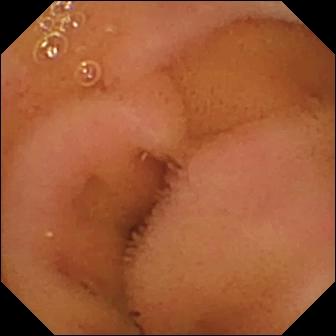Wireless capsule endoscopy still (small bowel), 336×336. Normal clean mucosa.